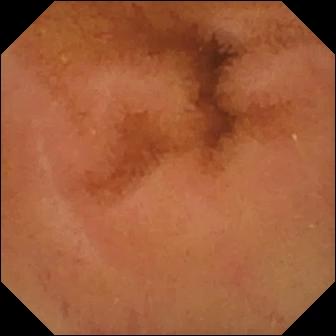Capsule endoscopy still of the small intestine showing normal clean mucosa.